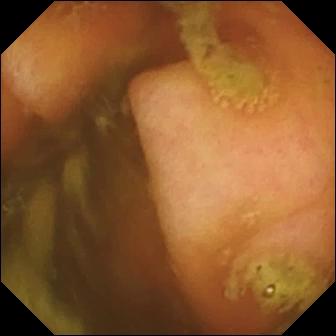Q: Where in the digestive tract was this capsule endoscopy snapshot taken?
A: Ileo-cecal valve region.